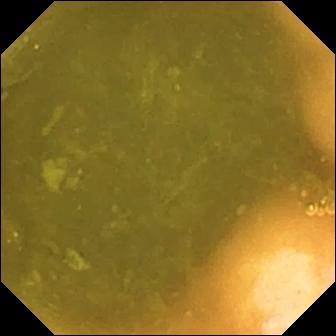modality: wireless capsule endoscopy | position: ileo-cecal valve region (where the capsule passes from the small bowel into the large bowel)